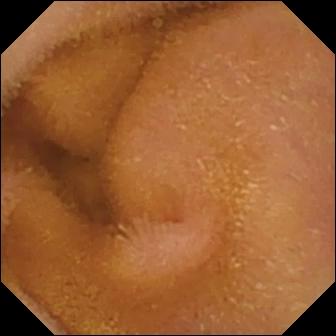{"modality": "VCE", "finding": "normal clean mucosa"}